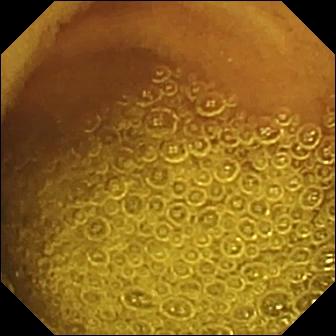Wireless capsule endoscopy snapshot
Finding: normal clean mucosa